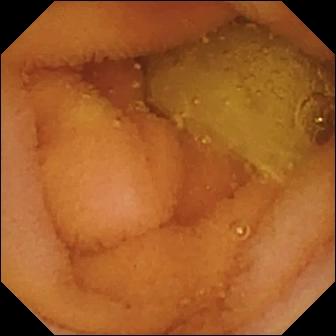Wireless capsule endoscopy image
Finding: normal clean mucosa